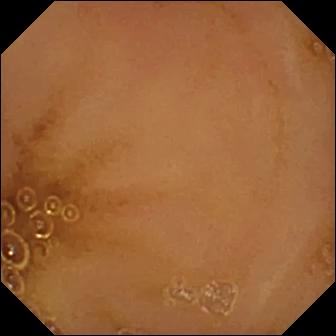Q: What does this small-bowel capsule endoscopy image show?
A: Normal clean mucosa.